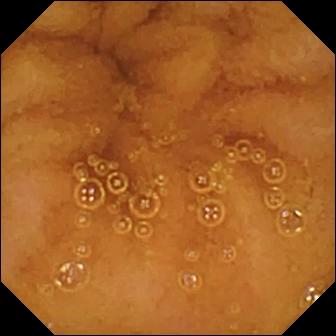- modality: wireless capsule endoscopy
- segment: small bowel
- finding: normal clean mucosa